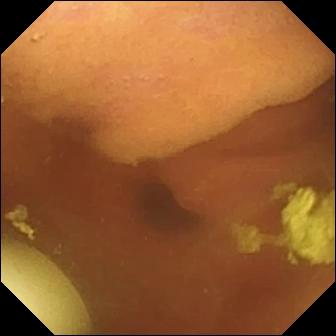Q: What does this VCE view show?
A: Foreign body (e.g. retained capsule, tablet residue).